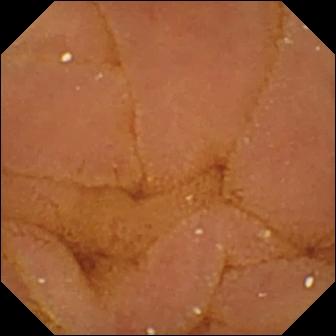Capsule endoscopy view
Observation: normal clean mucosa